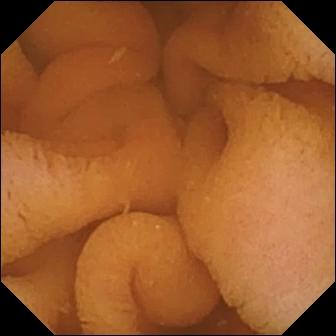Small-bowel capsule endoscopy image
Observation: normal clean mucosa